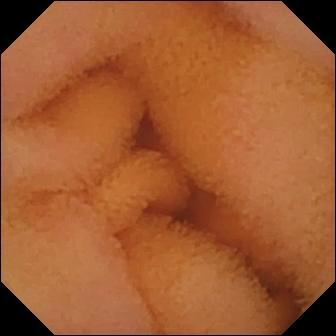Wireless capsule endoscopy. Small bowel. Finding: normal clean mucosa.